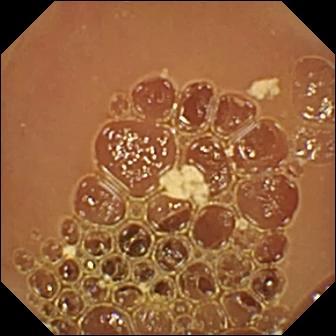Wireless capsule endoscopy frame of the small bowel showing normal clean mucosa.